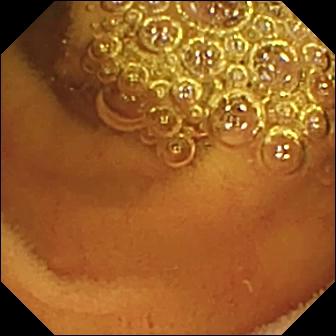Normal clean mucosa — VCE still of the small intestine.